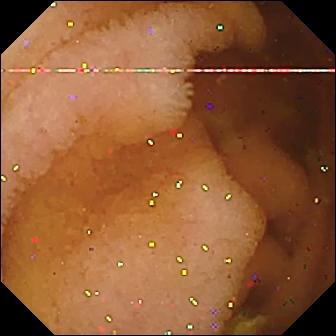Capsule endoscopy image (small intestine). Normal clean mucosa.